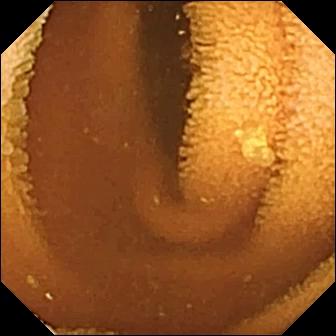modality: capsule endoscopy
impression: normal clean mucosa